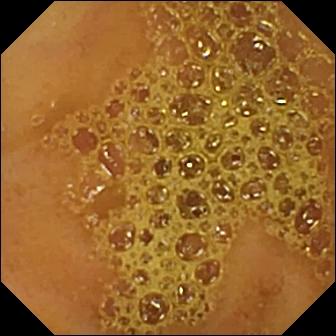{"modality": "small-bowel capsule endoscopy", "category": "anatomical landmark", "location": "ileo-cecal valve region (the transition from the small bowel to the large bowel)"}